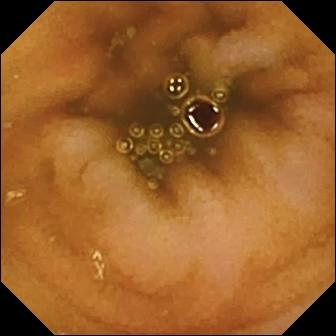- modality: WCE
- segment: small intestine
- finding: normal clean mucosa